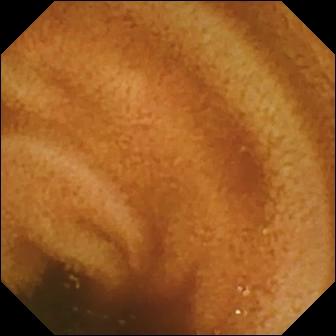Q: What does this small-bowel capsule endoscopy still of the small intestine show?
A: Normal clean mucosa.